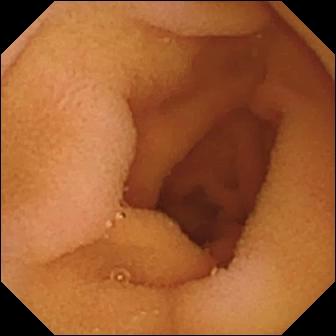{"modality": "wireless capsule endoscopy", "category": "luminal finding", "finding": "normal clean mucosa"}